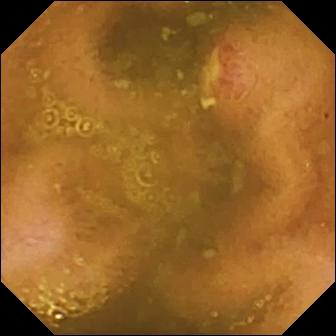modality: VCE
category: luminal finding
impression: ulcer